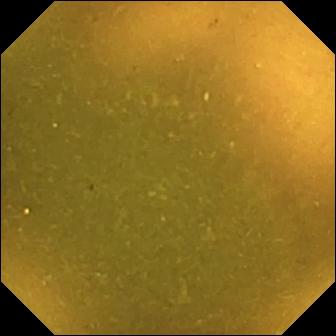{"modality": "WCE", "label": "ileo-cecal valve region (the transition from the small bowel to the large bowel)"}